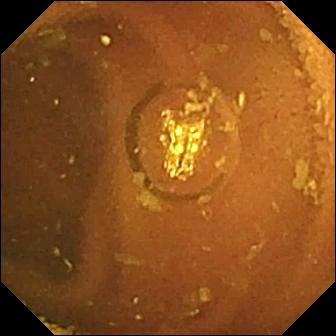PROCEDURE: Wireless capsule endoscopy.
SEGMENT: Small bowel.
FINDINGS: Normal clean mucosa.